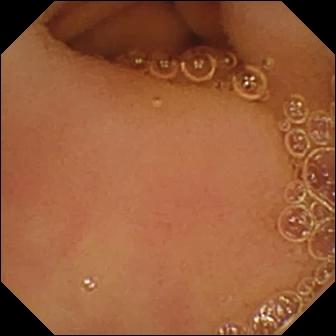{"modality": "small-bowel capsule endoscopy", "finding": "normal clean mucosa"}